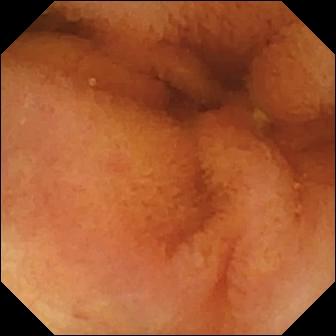- modality: capsule endoscopy
- segment: small intestine
- observation: normal clean mucosa